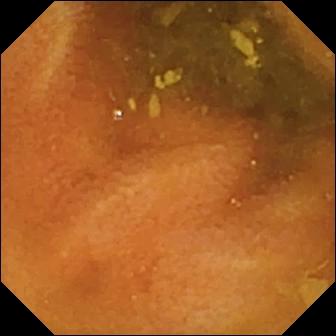- modality: small-bowel capsule endoscopy
- impression: normal clean mucosa